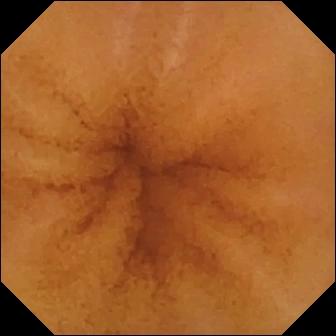Capsule endoscopy frame (small bowel). Normal clean mucosa.